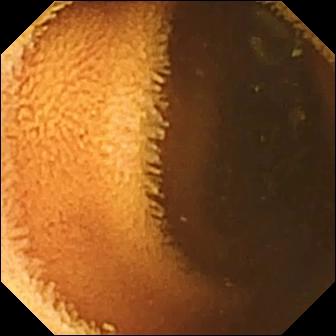Capsule endoscopy image (small bowel). Normal clean mucosa.